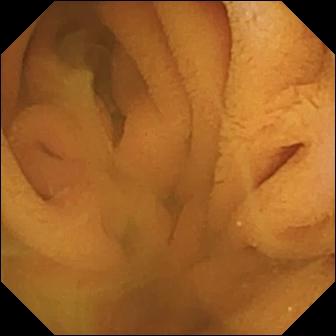Video capsule endoscopy still (small bowel), 336×336. Normal clean mucosa.